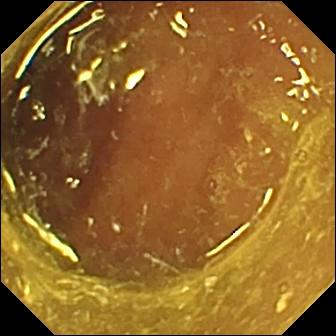Ileo-cecal valve region (where the capsule passes from the small bowel into the large bowel).